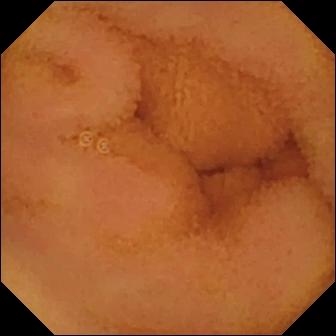Q: What does this video capsule endoscopy frame show?
A: Normal clean mucosa.